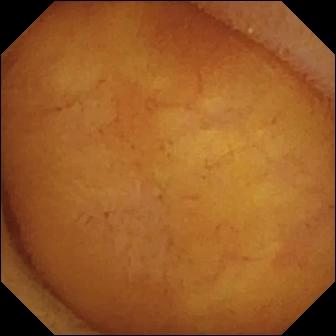Normal clean mucosa — capsule endoscopy image of the small bowel.